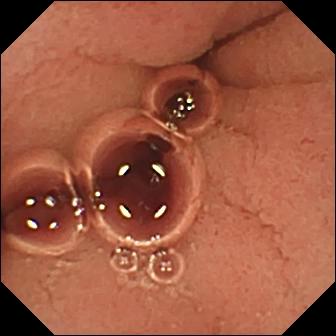Q: Where in the digestive tract was this capsule endoscopy image taken?
A: Pylorus region (where the capsule passes from the stomach into the small bowel).